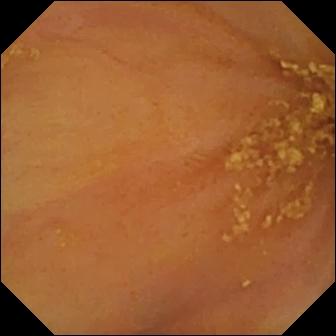Ileo-cecal valve region — small-bowel capsule endoscopy still.